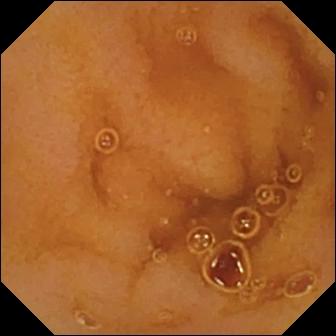VCE still. Normal clean mucosa.